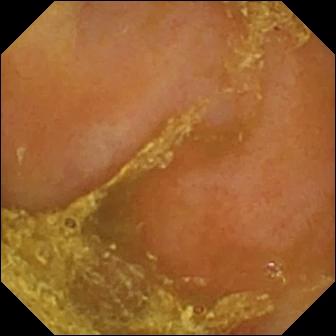Capsule endoscopy. Small intestine. Luminal finding. Finding: reduced mucosal view (content or bubbles obscuring the mucosa).